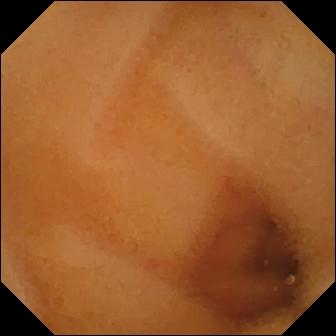Capsule endoscopy — normal clean mucosa.